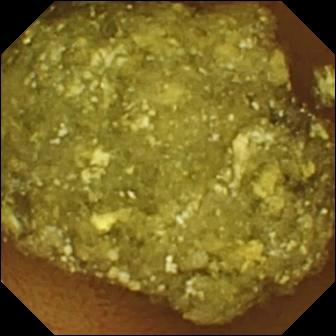modality: WCE
impression: normal clean mucosa